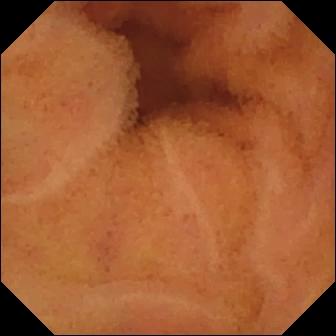This video capsule endoscopy image shows normal clean mucosa.